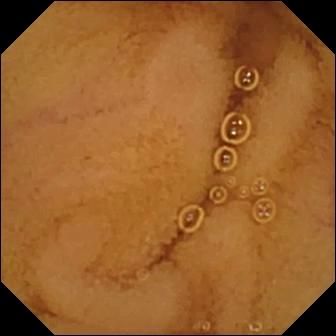modality: small-bowel capsule endoscopy; segment: small bowel; observation: normal clean mucosa